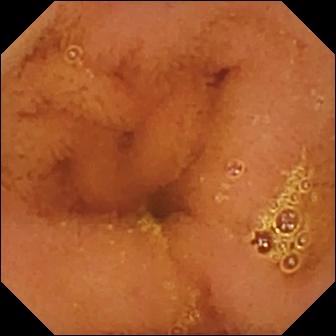Normal clean mucosa — small-bowel capsule endoscopy frame of the small intestine.